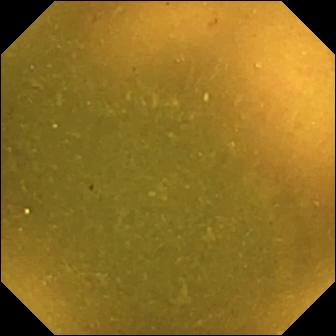PROCEDURE: VCE.
LOCATION: Ileo-cecal valve region.